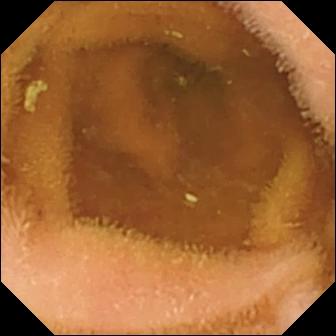Normal clean mucosa — WCE still of the small intestine.